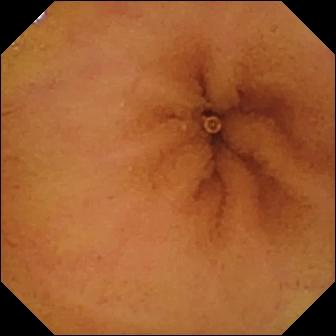Normal clean mucosa (336×336).